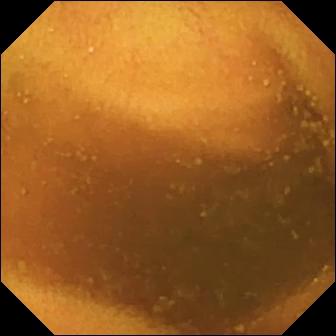WCE frame (small intestine). Normal clean mucosa.